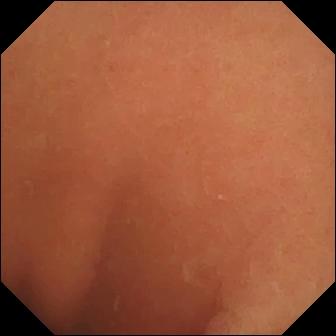Normal clean mucosa — WCE view.